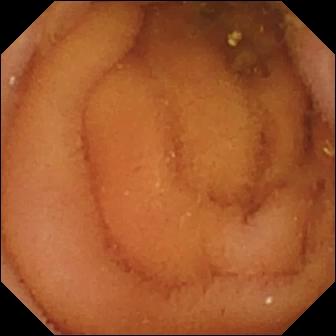modality: WCE; segment: small bowel; label: normal clean mucosa